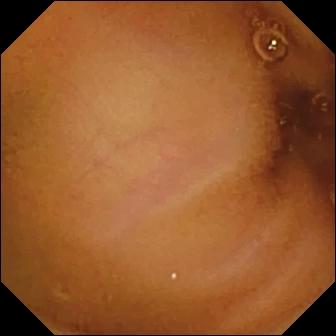PROCEDURE: Small-bowel capsule endoscopy.
SEGMENT: Small bowel.
FINDINGS: Normal clean mucosa.